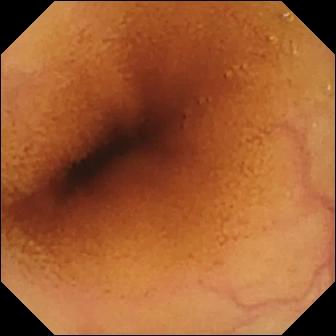This small-bowel capsule endoscopy view of the small intestine shows normal clean mucosa.